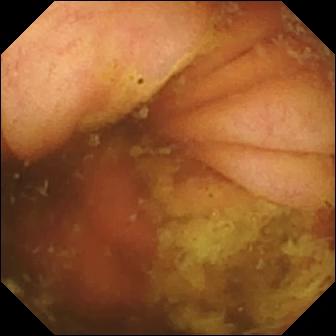Video capsule endoscopy — ileo-cecal valve region.